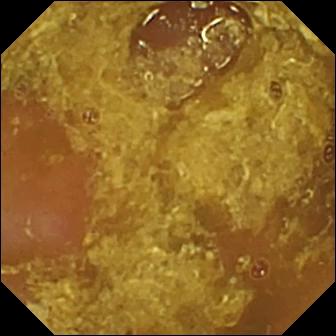PROCEDURE: Small-bowel capsule endoscopy.
SEGMENT: Small intestine.
FINDINGS: Reduced mucosal view (content or bubbles obscuring the mucosa).